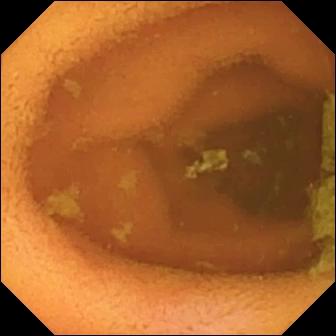{"modality": "VCE", "segment": "small bowel", "category": "luminal finding", "finding": "normal clean mucosa"}